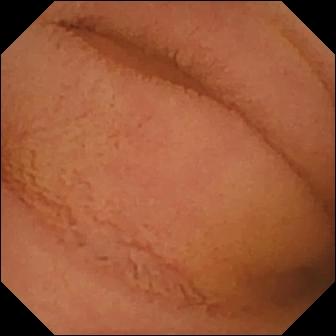Normal clean mucosa — wireless capsule endoscopy view.